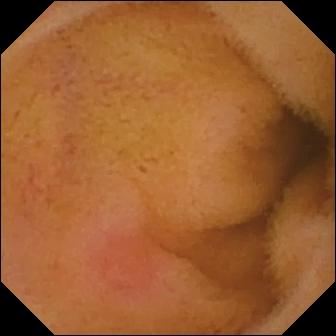modality: WCE | category: luminal finding | impression: erythema (mucosal redness)